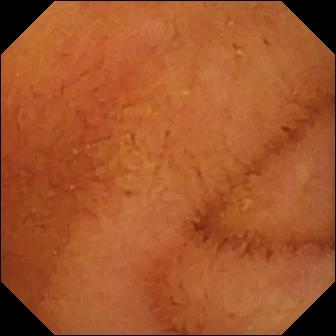WCE. Luminal finding. Finding: normal clean mucosa.